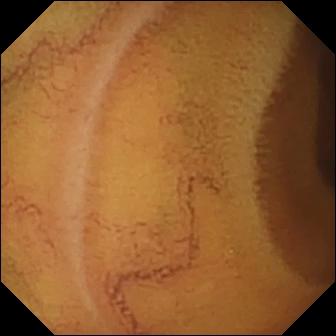PROCEDURE: Capsule endoscopy.
SEGMENT: Small bowel.
FINDINGS: Normal clean mucosa.